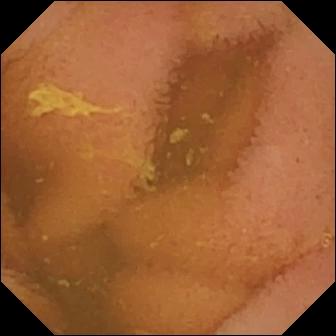Normal clean mucosa — wireless capsule endoscopy image of the small intestine.